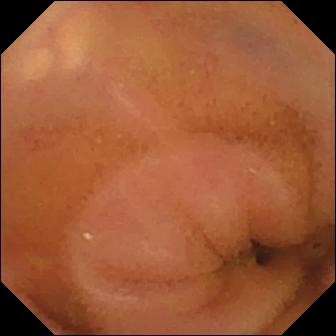Normal clean mucosa.